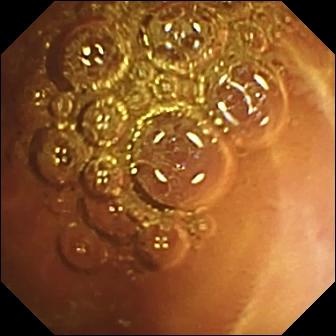WCE. Finding: normal clean mucosa.